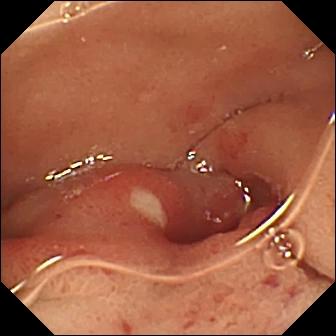PROCEDURE: Video capsule endoscopy.
FINDINGS: Ulcer.